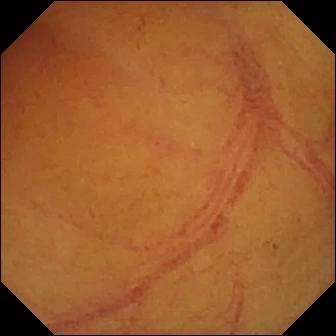Normal clean mucosa — video capsule endoscopy still of the small intestine.